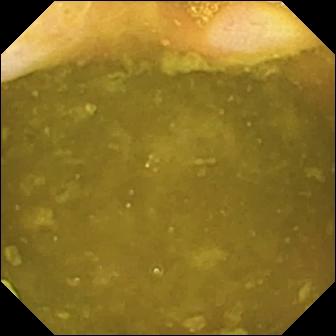- modality: WCE
- category: anatomical landmark
- position: ileo-cecal valve region